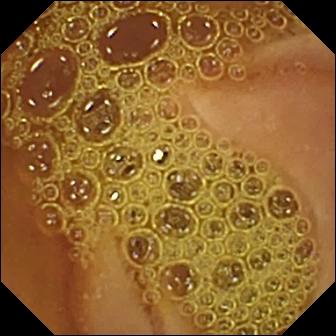Video capsule endoscopy image (small bowel). Normal clean mucosa.